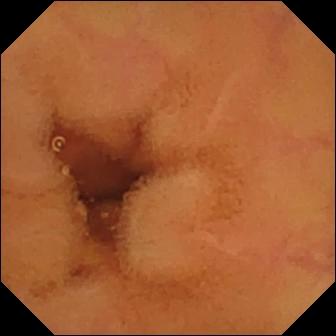Small-bowel capsule endoscopy view of the small intestine showing normal clean mucosa.